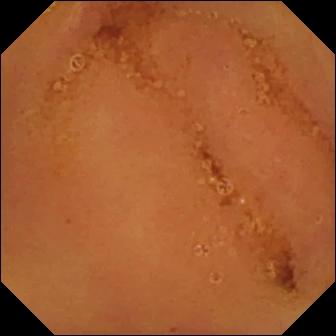Video capsule endoscopy — normal clean mucosa.